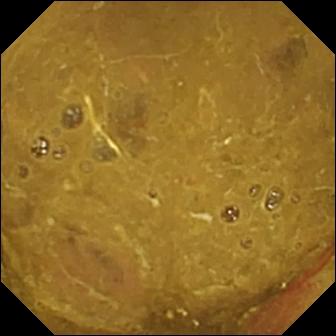Video capsule endoscopy — ileo-cecal valve region (where the capsule passes from the small bowel into the large bowel).